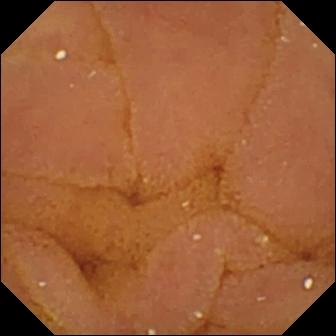{"modality": "video capsule endoscopy", "segment": "small intestine", "finding": "normal clean mucosa"}